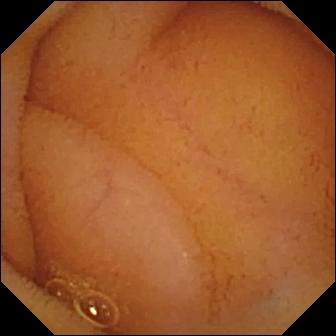{"modality": "small-bowel capsule endoscopy", "segment": "small bowel", "category": "luminal finding", "finding": "normal clean mucosa"}